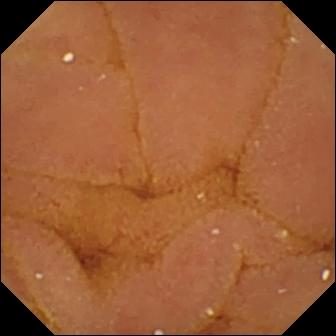modality: capsule endoscopy
category: luminal finding
label: normal clean mucosa